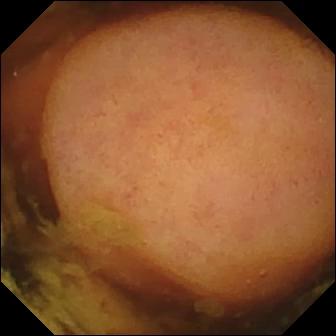{"modality": "capsule endoscopy", "category": "luminal finding", "finding": "polyp"}